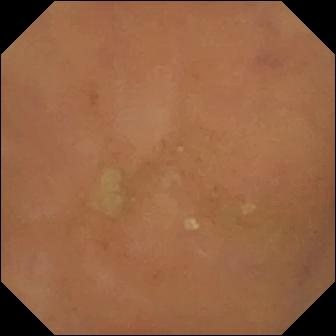WCE — normal clean mucosa.